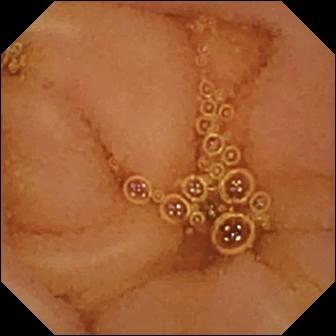Q: What does this capsule endoscopy image of the small intestine show?
A: Normal clean mucosa.